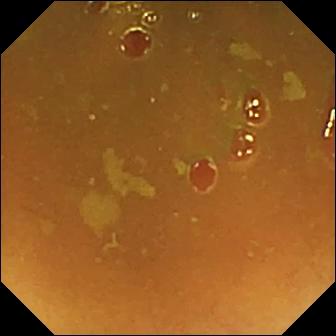Small-bowel capsule endoscopy — ileo-cecal valve region.